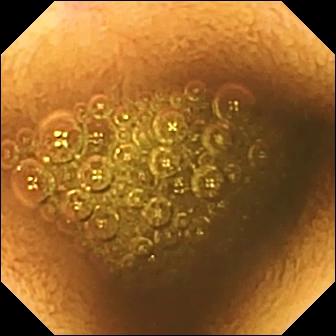Reduced mucosal view (content or bubbles obscuring the mucosa) — VCE view.